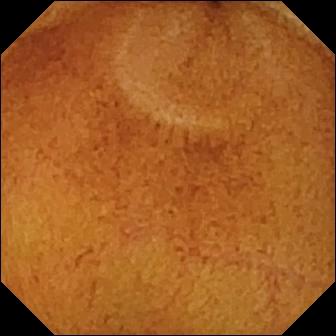Normal clean mucosa.